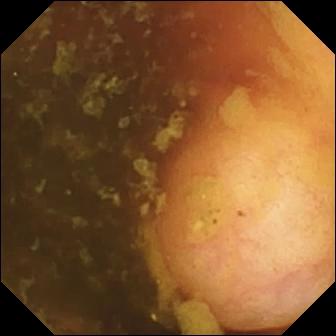{"modality": "WCE", "location": "ileo-cecal valve region (the transition from the small bowel to the large bowel)"}